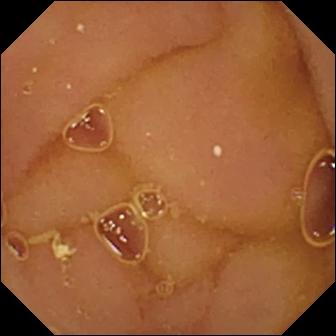This capsule endoscopy view of the small intestine shows normal clean mucosa.